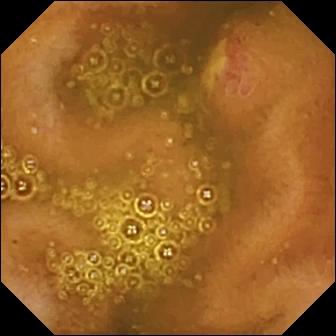- modality: video capsule endoscopy
- category: luminal finding
- label: ulcer